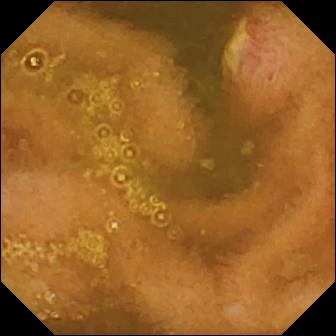Wireless capsule endoscopy view
Finding: ulcer